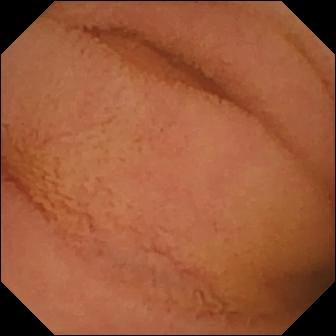VCE still showing normal clean mucosa.